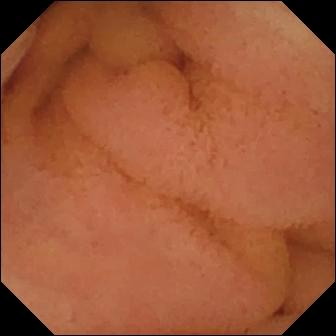Small-bowel capsule endoscopy. Finding: normal clean mucosa.